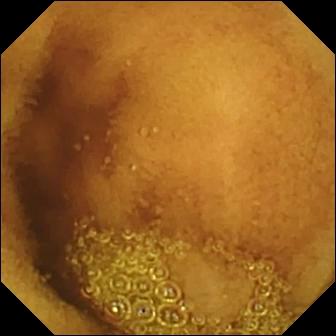{"modality": "VCE", "finding": "normal clean mucosa"}